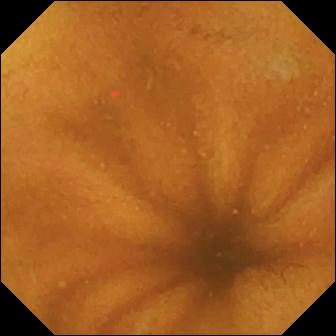Small-bowel capsule endoscopy still showing normal clean mucosa.